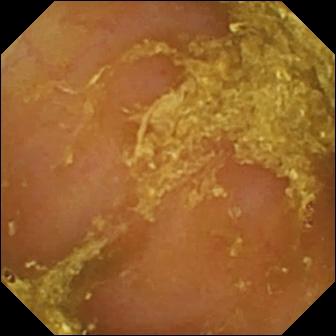Capsule endoscopy — reduced mucosal view (content or bubbles obscuring the mucosa).